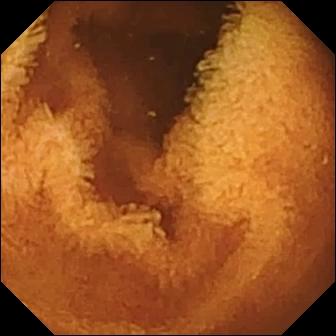Normal clean mucosa.